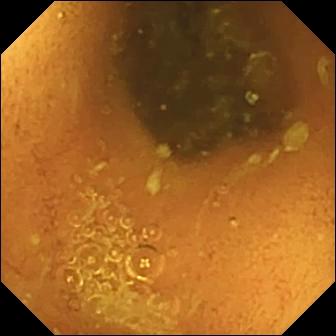{"modality": "WCE", "finding": "normal clean mucosa"}